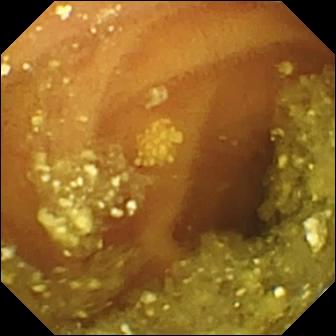This wireless capsule endoscopy view shows lymphangiectasia.